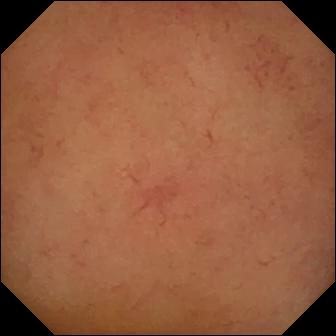WCE. Small intestine. Luminal finding. Finding: normal clean mucosa.